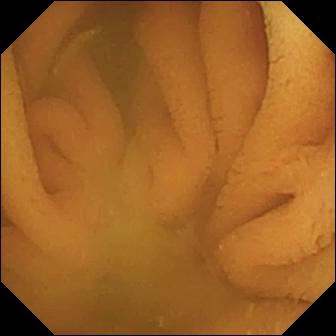Normal clean mucosa.